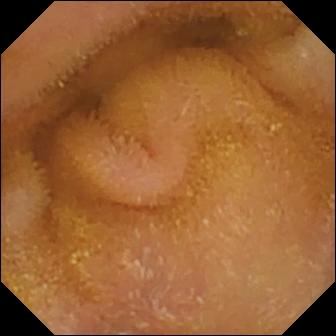modality: VCE | label: normal clean mucosa